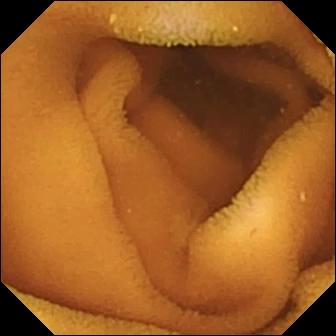This WCE view shows normal clean mucosa.